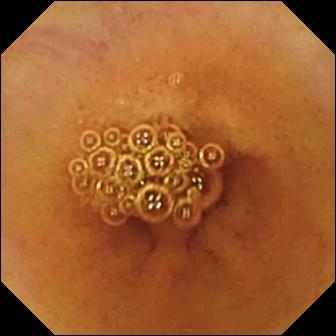Normal clean mucosa.